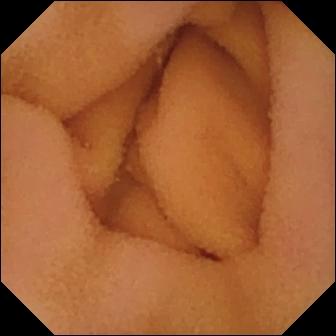WCE frame of the small intestine showing normal clean mucosa.